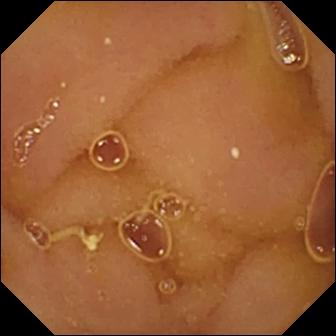Capsule endoscopy. Small bowel. Luminal finding. Observation: normal clean mucosa.